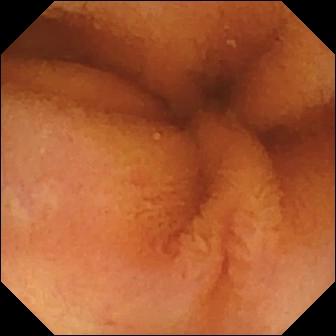WCE image
Observation: normal clean mucosa